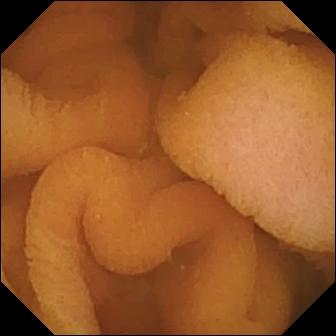PROCEDURE: Capsule endoscopy.
FINDINGS: Normal clean mucosa.